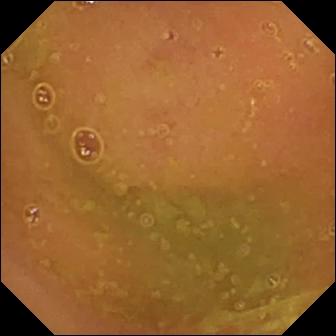- modality: wireless capsule endoscopy
- category: luminal finding
- observation: normal clean mucosa